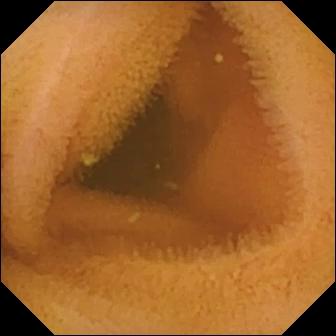Q: What does this small-bowel capsule endoscopy image show?
A: Normal clean mucosa.